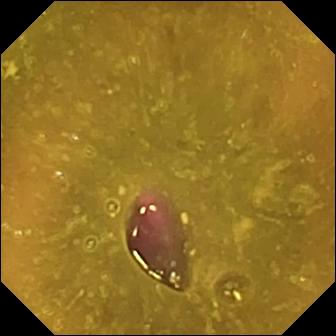- modality: WCE
- category: luminal finding
- finding: reduced mucosal view (content or bubbles obscuring the mucosa)